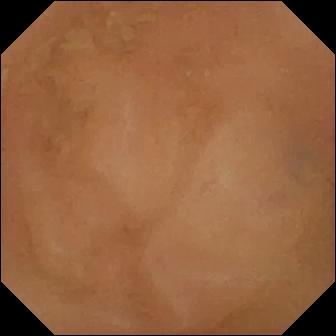VCE still. Normal clean mucosa.